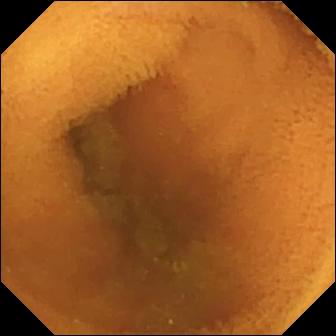WCE — normal clean mucosa.